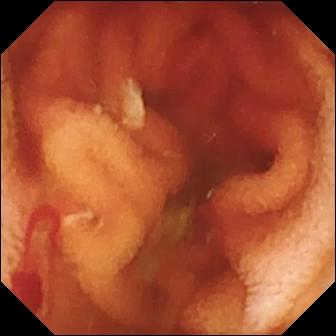WCE image showing fresh blood in the lumen.